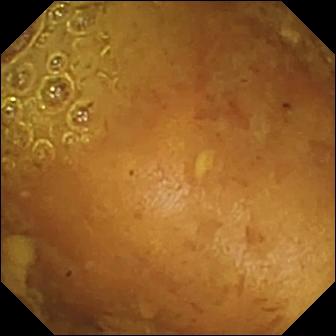Reduced mucosal view (content or bubbles obscuring the mucosa) — wireless capsule endoscopy image.